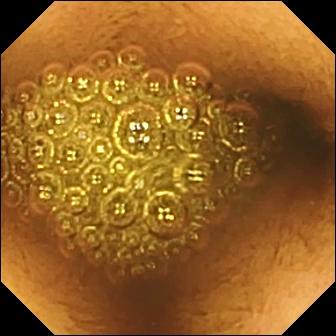{"modality": "wireless capsule endoscopy", "segment": "small intestine", "category": "luminal finding", "finding": "reduced mucosal view (content or bubbles obscuring the mucosa)"}